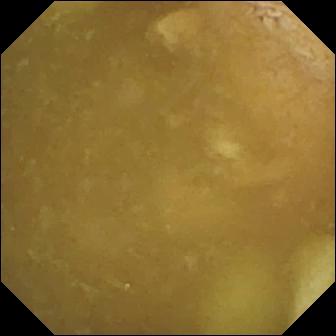{"modality": "WCE", "video_segment": "ileo-cecal valve region"}